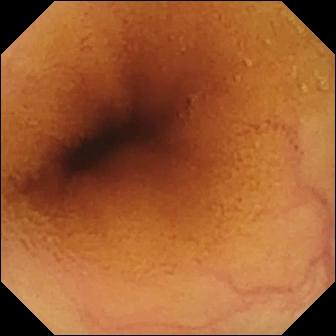WCE — normal clean mucosa.